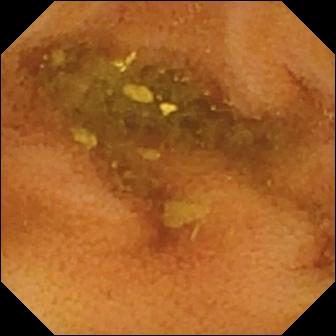PROCEDURE: Capsule endoscopy.
FINDINGS: Normal clean mucosa.